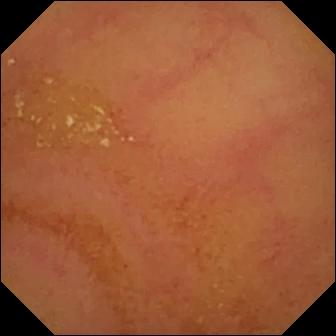Capsule endoscopy still (small bowel). Normal clean mucosa.